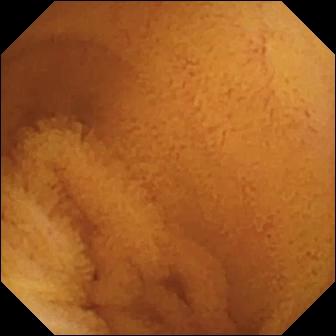Capsule endoscopy image of the small bowel showing normal clean mucosa.